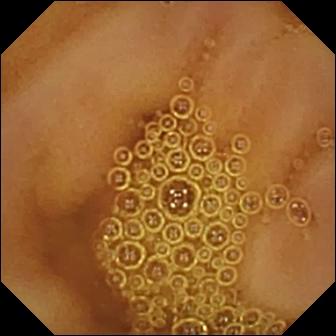Small-bowel capsule endoscopy still, 336×336. Normal clean mucosa.